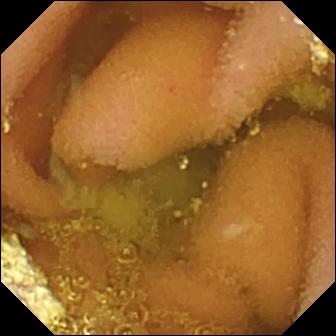Capsule endoscopy image
Finding: lymphangiectasia